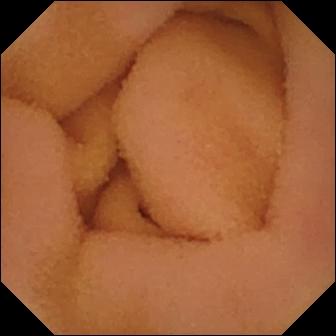Normal clean mucosa — small-bowel capsule endoscopy frame.